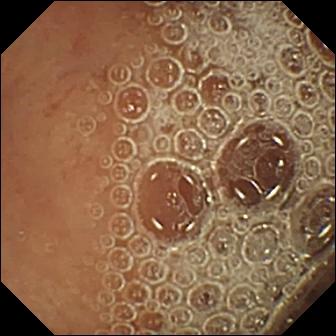Normal clean mucosa.